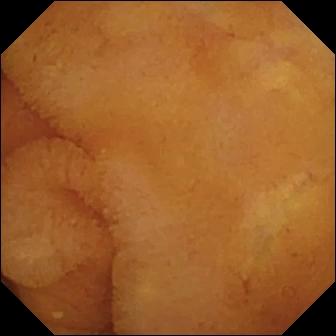- modality: wireless capsule endoscopy
- segment: small bowel
- category: luminal finding
- finding: normal clean mucosa